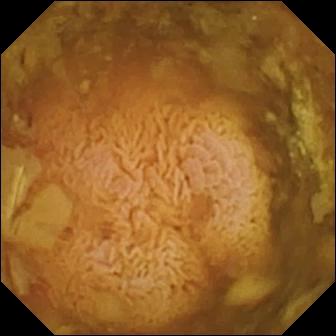WCE view (small intestine). Reduced mucosal view (content or bubbles obscuring the mucosa).